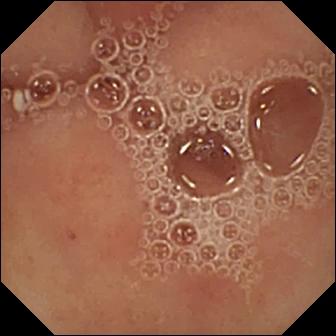{"modality": "capsule endoscopy", "label": "pylorus region"}